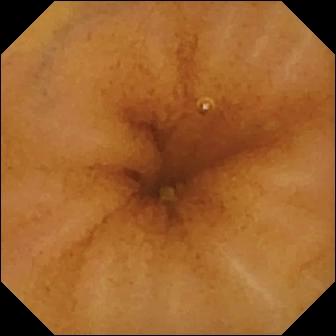Small-bowel capsule endoscopy view, 336×336. Normal clean mucosa.